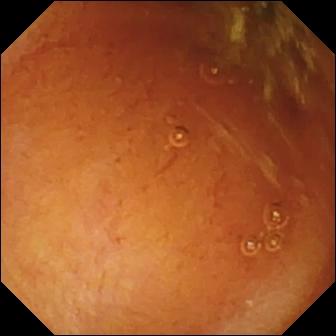- modality: wireless capsule endoscopy
- category: luminal finding
- impression: normal clean mucosa